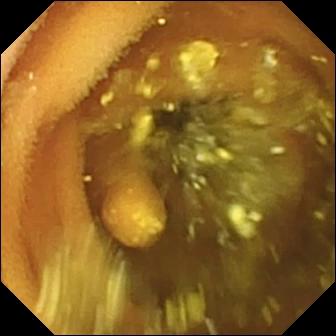Capsule endoscopy. Impression: lymphangiectasia.